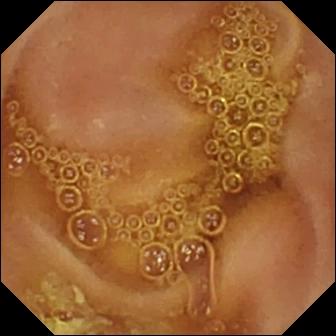Wireless capsule endoscopy frame
Finding: normal clean mucosa